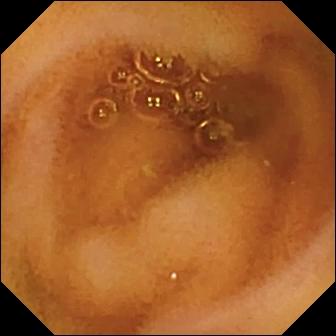This small-bowel capsule endoscopy frame of the small bowel shows normal clean mucosa.